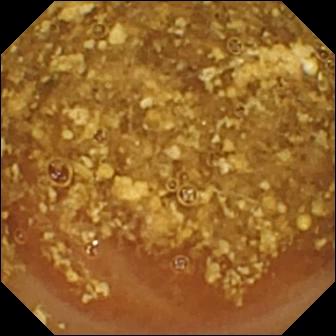Small-bowel capsule endoscopy snapshot
Finding: reduced mucosal view (content or bubbles obscuring the mucosa)